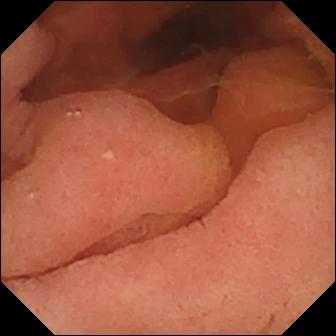{"modality": "VCE", "video_segment": "pylorus region"}